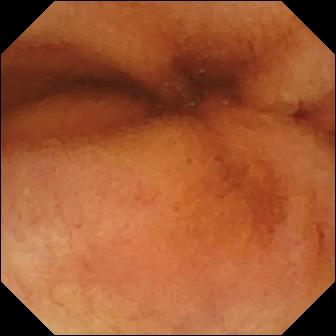PROCEDURE: VCE.
FINDINGS: Normal clean mucosa.